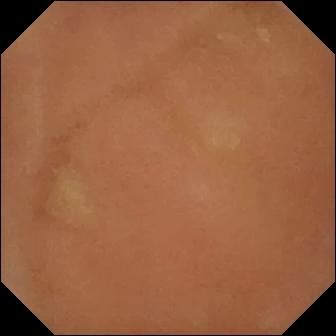- modality: VCE
- category: luminal finding
- finding: normal clean mucosa